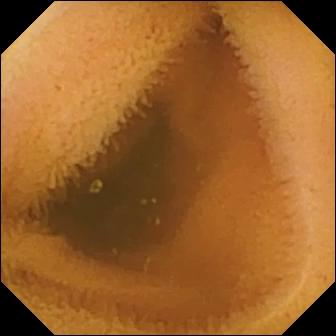Q: What does this wireless capsule endoscopy snapshot show?
A: Normal clean mucosa.